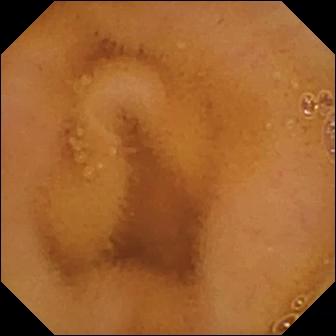Normal clean mucosa.